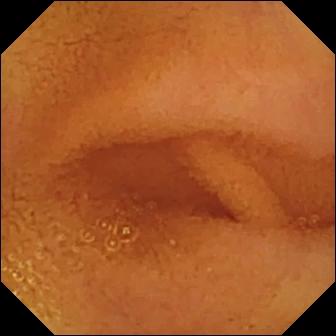Capsule endoscopy — normal clean mucosa.